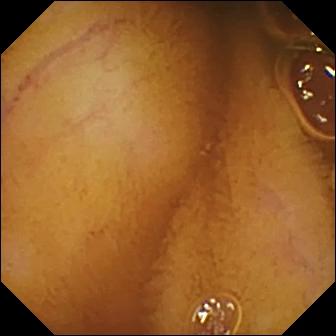Normal clean mucosa — VCE image.